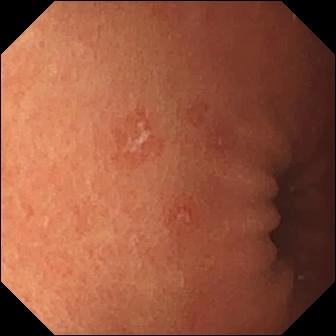{"modality": "VCE", "finding": "erosion"}